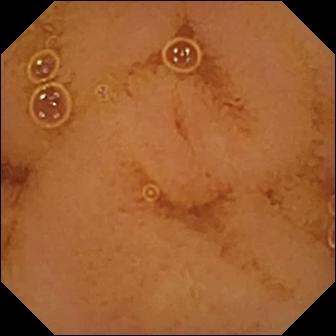Q: What does this VCE snapshot show?
A: Normal clean mucosa.